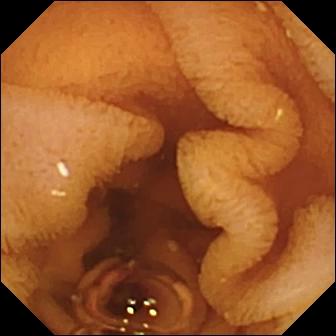Normal clean mucosa.